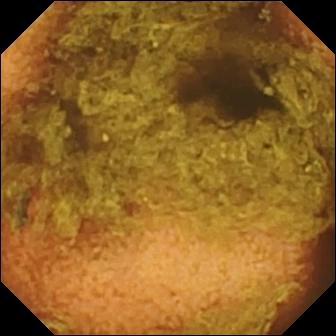Video capsule endoscopy. Small intestine. Label: normal clean mucosa.